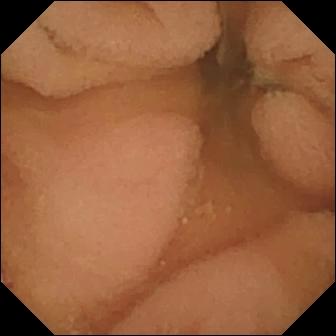Video capsule endoscopy view. Normal clean mucosa.